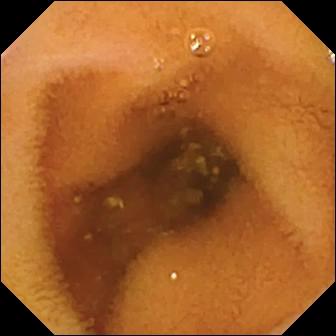Normal clean mucosa — wireless capsule endoscopy frame of the small bowel.